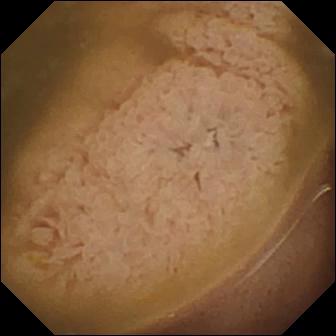VCE still taken in the ileo-cecal valve region (the transition from the small bowel to the large bowel).